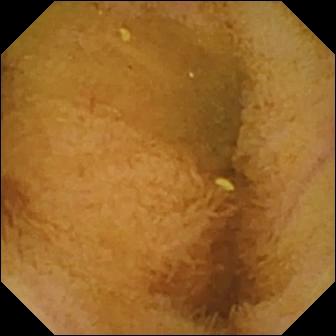Normal clean mucosa — video capsule endoscopy snapshot of the small intestine.